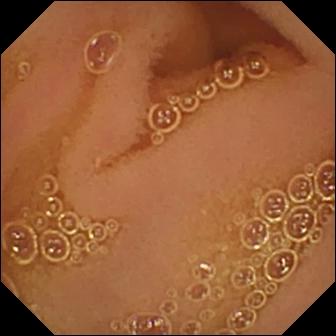{"modality": "WCE", "finding": "normal clean mucosa"}